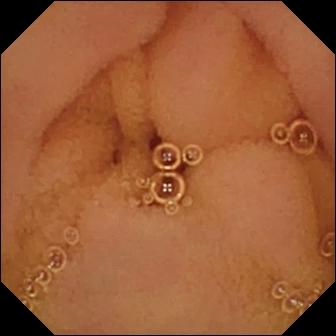VCE snapshot
Label: normal clean mucosa